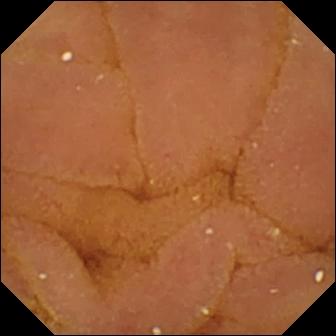Q: What does this VCE still show?
A: Normal clean mucosa.